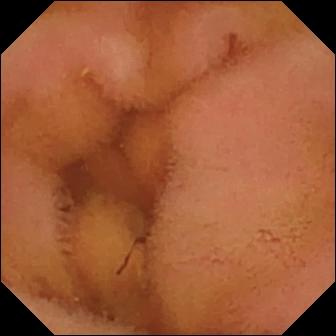- modality: wireless capsule endoscopy
- category: luminal finding
- impression: normal clean mucosa